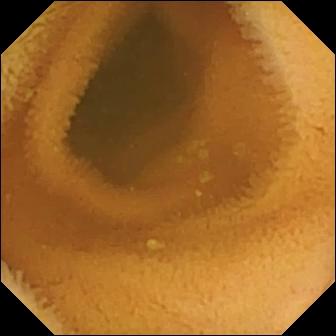WCE view showing normal clean mucosa.